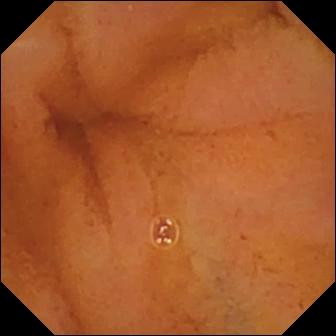modality: capsule endoscopy | segment: small intestine | impression: normal clean mucosa